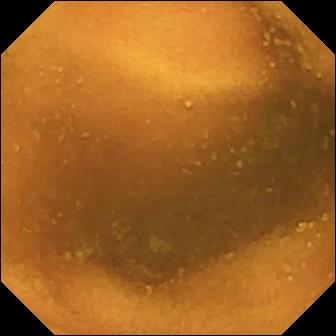Normal clean mucosa — capsule endoscopy view of the small intestine.